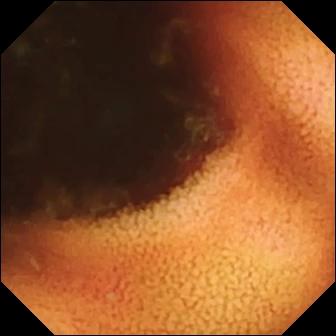- modality: VCE
- position: ileo-cecal valve region (where the capsule passes from the small bowel into the large bowel)